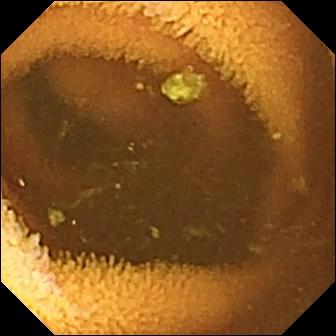PROCEDURE: VCE.
SEGMENT: Small bowel.
FINDINGS: Normal clean mucosa.